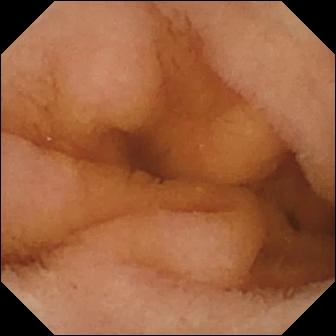VCE — normal clean mucosa.